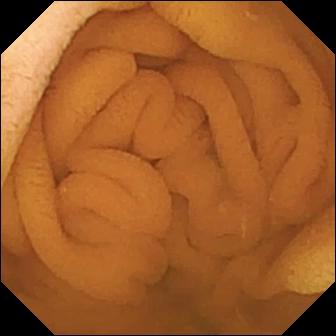{"modality": "small-bowel capsule endoscopy", "finding": "normal clean mucosa"}